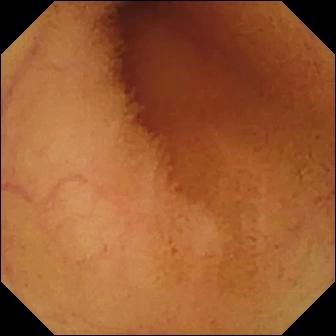Wireless capsule endoscopy. Small bowel. Luminal finding. Observation: normal clean mucosa.